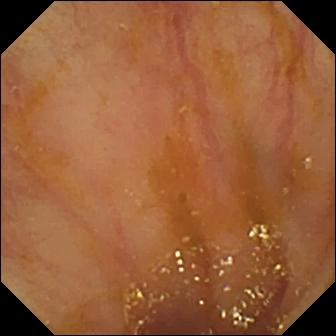Q: Where in the digestive tract was this wireless capsule endoscopy view taken?
A: Ileo-cecal valve region (the transition from the small bowel to the large bowel).